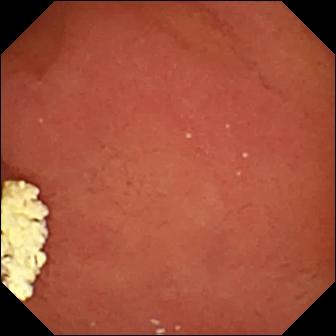- modality: wireless capsule endoscopy
- category: anatomical landmark
- video segment: pylorus region (the junction between the stomach and the small bowel)